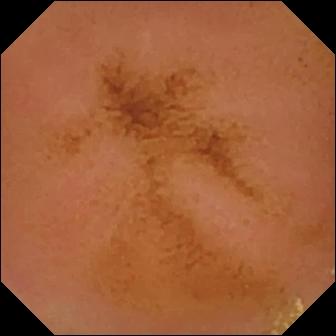VCE. Luminal finding. Label: normal clean mucosa.